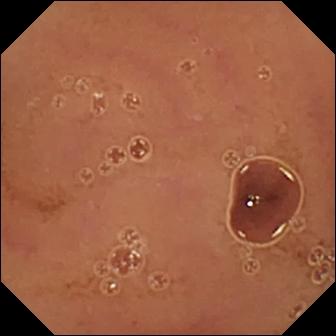WCE. Label: normal clean mucosa.